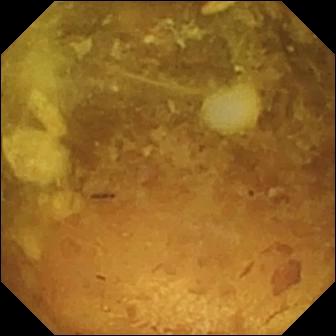Reduced mucosal view (content or bubbles obscuring the mucosa) — WCE frame.